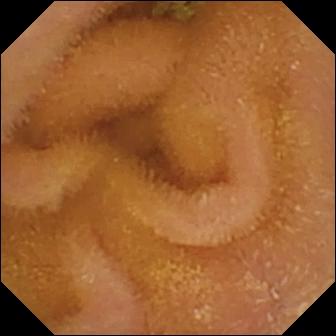Capsule endoscopy still showing normal clean mucosa.